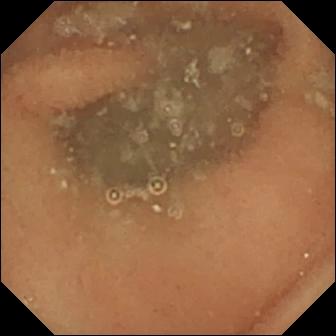Small-bowel capsule endoscopy — normal clean mucosa.